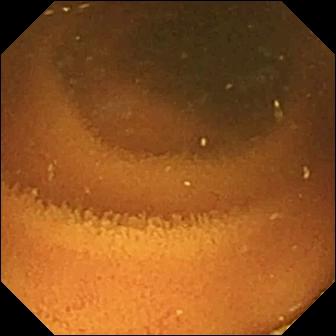PROCEDURE: Small-bowel capsule endoscopy.
SEGMENT: Small bowel.
FINDINGS: Normal clean mucosa.